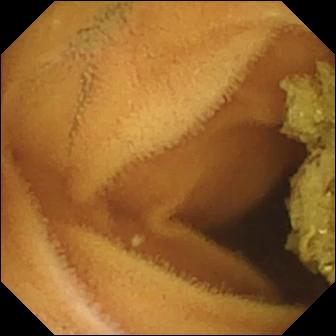Video capsule endoscopy view of the small bowel showing normal clean mucosa.